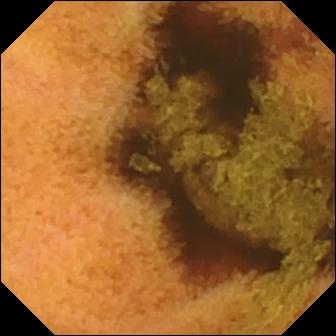Capsule endoscopy image showing normal clean mucosa.